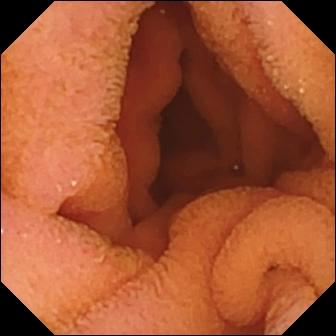Small-bowel capsule endoscopy — normal clean mucosa.